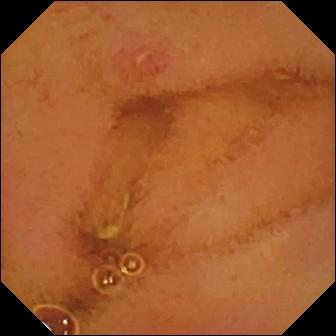{"modality": "video capsule endoscopy", "finding": "erosion"}